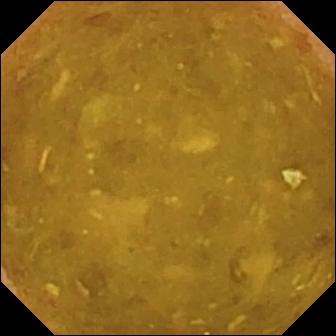Reduced mucosal view (content or bubbles obscuring the mucosa).